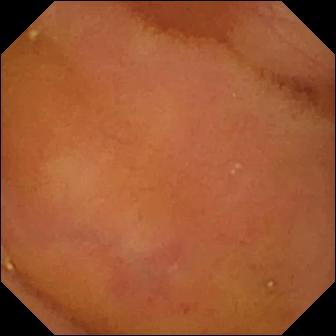Normal clean mucosa.